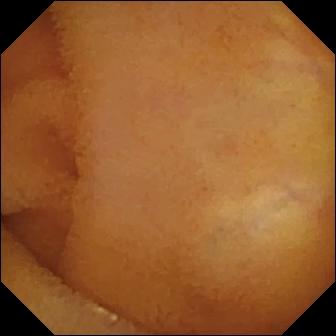This VCE image shows normal clean mucosa.